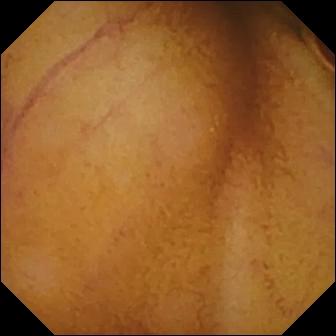VCE view. Normal clean mucosa.